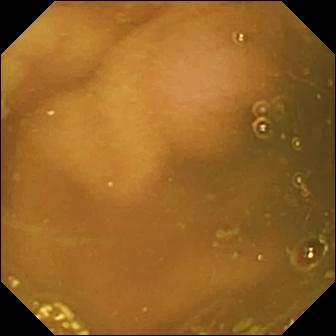{"modality": "small-bowel capsule endoscopy", "video_segment": "ileo-cecal valve region (where the capsule passes from the small bowel into the large bowel)"}